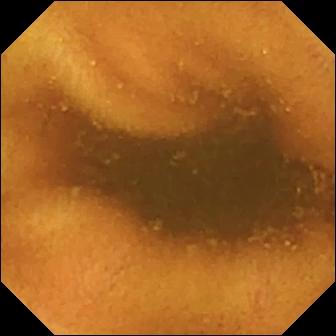PROCEDURE: WCE.
FINDINGS: Normal clean mucosa.